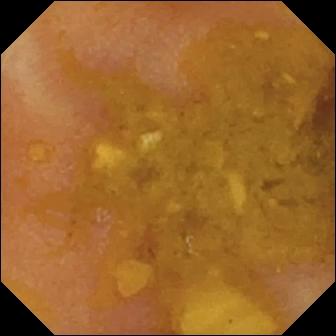{"modality": "VCE", "finding": "reduced mucosal view (content or bubbles obscuring the mucosa)"}